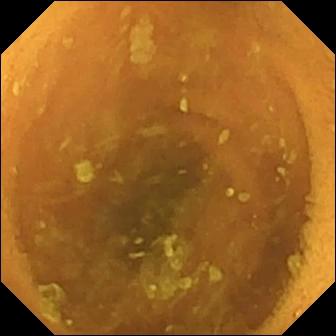PROCEDURE: Capsule endoscopy.
SEGMENT: Small bowel.
FINDINGS: Normal clean mucosa.